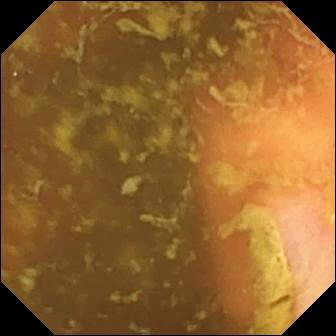Wireless capsule endoscopy frame
Label: ileo-cecal valve region (the transition from the small bowel to the large bowel)